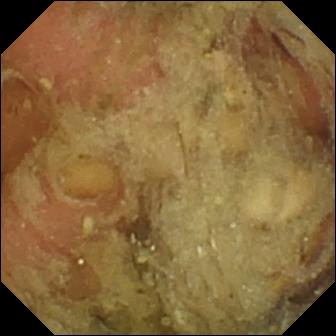- modality: capsule endoscopy
- category: anatomical landmark
- video segment: pylorus region (where the capsule passes from the stomach into the small bowel)